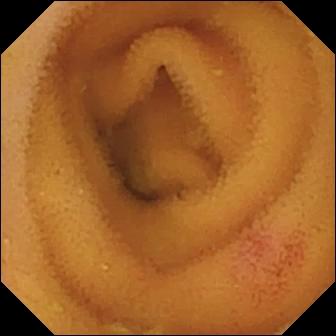Small-bowel capsule endoscopy image
Finding: angiectasia